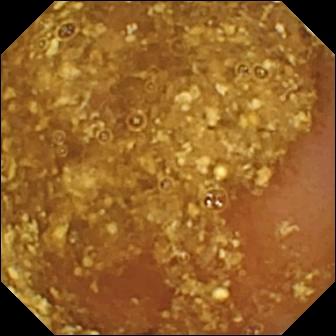Small-bowel capsule endoscopy — reduced mucosal view (content or bubbles obscuring the mucosa).